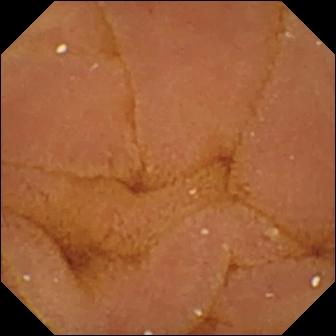Small-bowel capsule endoscopy frame, small intestine
Finding: normal clean mucosa